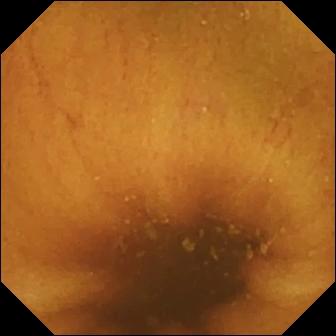Normal clean mucosa — WCE snapshot.